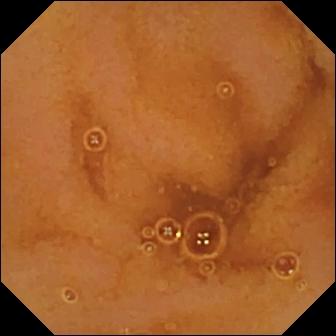This capsule endoscopy still shows normal clean mucosa.